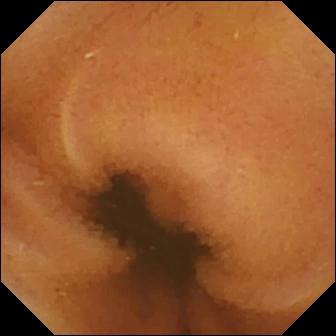{"modality": "WCE", "finding": "normal clean mucosa"}